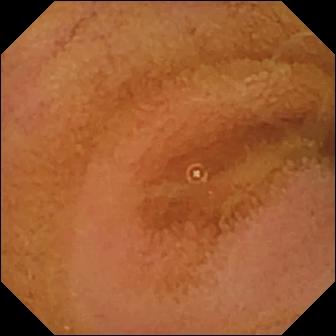This wireless capsule endoscopy still shows normal clean mucosa.